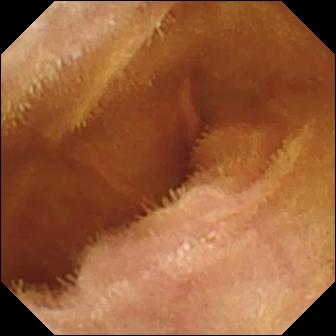Q: What does this wireless capsule endoscopy frame of the small bowel show?
A: Normal clean mucosa.